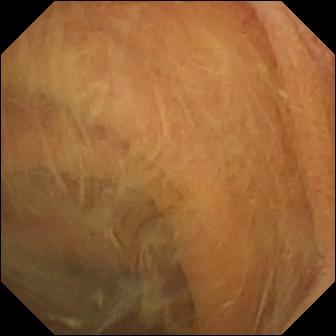WCE — pylorus region (where the capsule passes from the stomach into the small bowel).